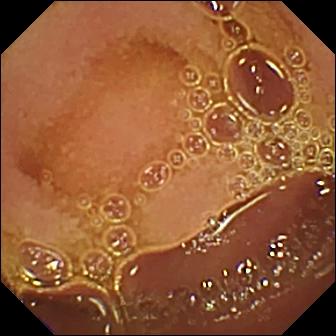{"modality": "VCE", "segment": "small intestine", "finding": "normal clean mucosa"}